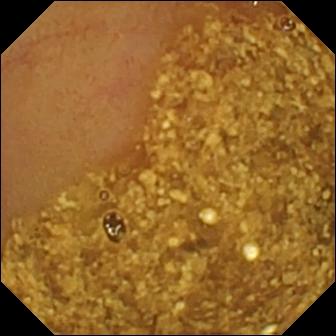- modality: WCE
- location: ileo-cecal valve region (the transition from the small bowel to the large bowel)